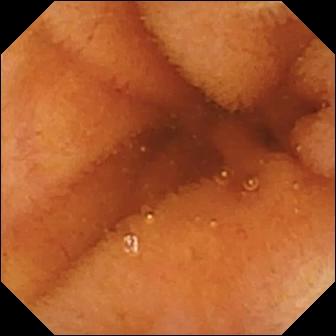WCE frame showing normal clean mucosa.